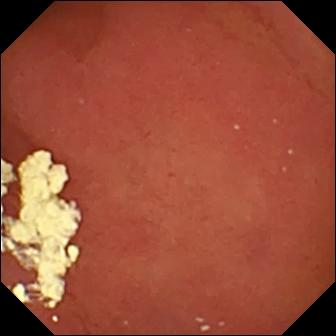Wireless capsule endoscopy image
Video segment: pylorus region